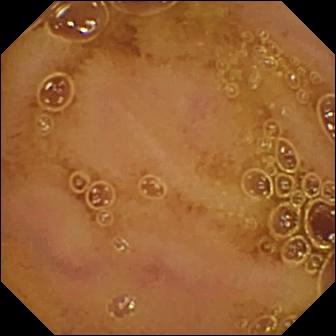- modality: video capsule endoscopy
- segment: small bowel
- finding: normal clean mucosa